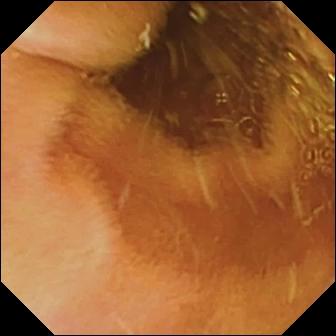This video capsule endoscopy image of the small intestine shows normal clean mucosa.